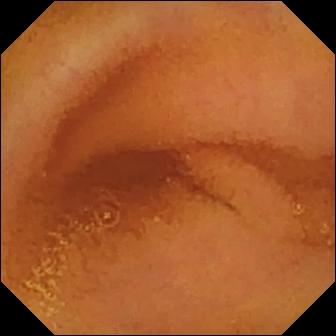This capsule endoscopy snapshot shows normal clean mucosa.